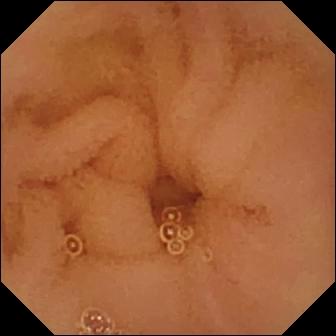Capsule endoscopy view
Observation: normal clean mucosa